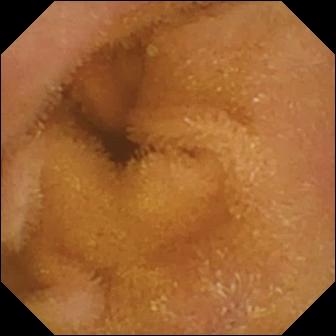VCE view showing normal clean mucosa.